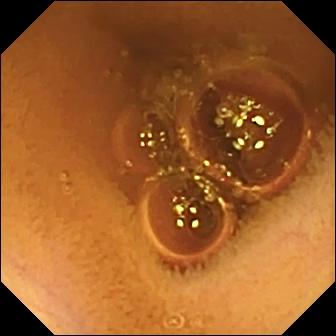PROCEDURE: WCE.
SEGMENT: Small intestine.
FINDINGS: Normal clean mucosa.